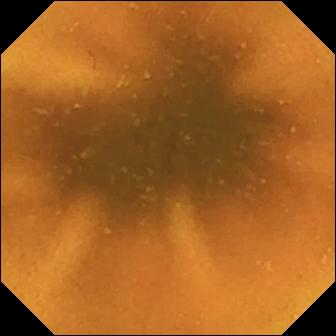This WCE image shows normal clean mucosa.